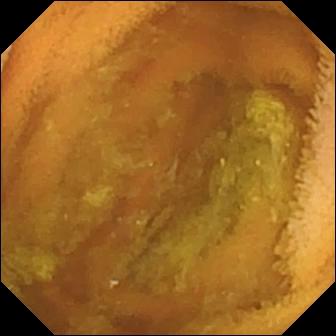modality: capsule endoscopy
segment: small intestine
impression: normal clean mucosa